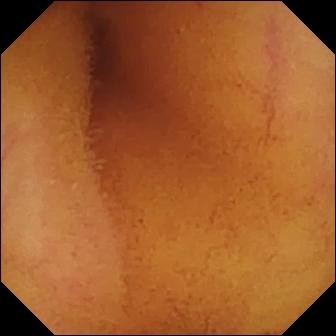Normal clean mucosa.